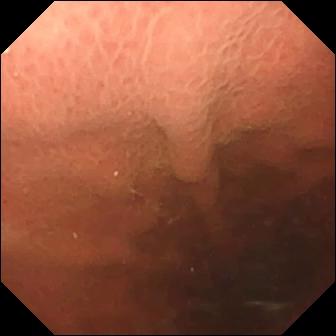{"modality": "small-bowel capsule endoscopy", "category": "anatomical landmark", "label": "pylorus region (where the capsule passes from the stomach into the small bowel)"}